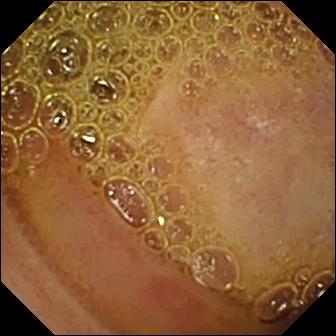modality: wireless capsule endoscopy | category: luminal finding | label: erosion